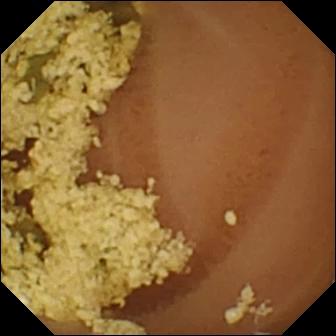Normal clean mucosa.